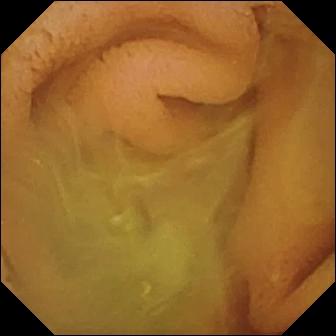Normal clean mucosa.